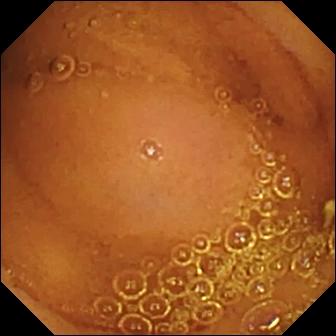PROCEDURE: Capsule endoscopy.
SEGMENT: Small bowel.
FINDINGS: Normal clean mucosa.